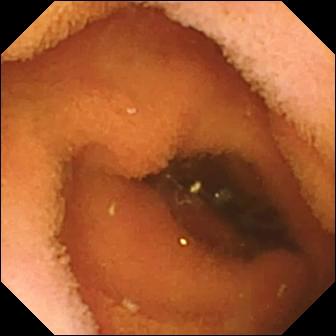PROCEDURE: VCE.
FINDINGS: Normal clean mucosa.